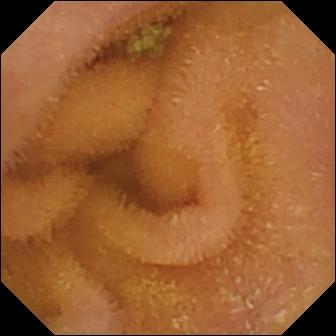WCE still of the small bowel showing normal clean mucosa.